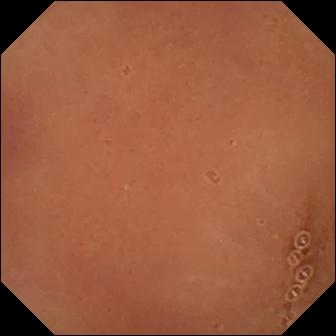{"modality": "VCE", "category": "luminal finding", "finding": "normal clean mucosa"}